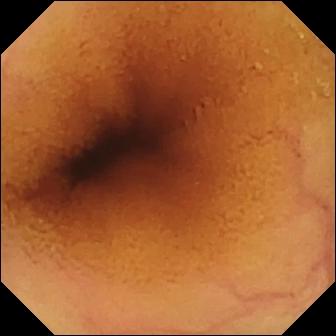This video capsule endoscopy still of the small intestine shows normal clean mucosa.